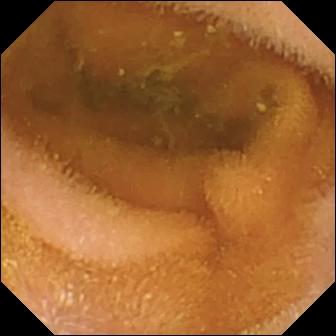- modality: small-bowel capsule endoscopy
- segment: small intestine
- category: luminal finding
- impression: normal clean mucosa